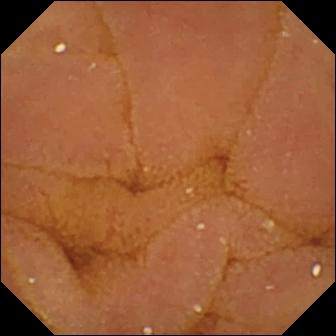PROCEDURE: WCE.
SEGMENT: Small bowel.
FINDINGS: Normal clean mucosa.